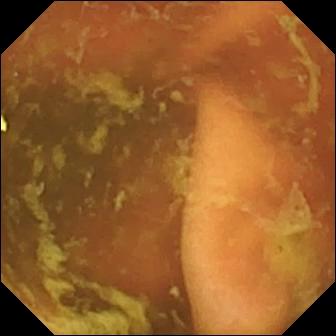{"modality": "small-bowel capsule endoscopy", "label": "ileo-cecal valve region"}